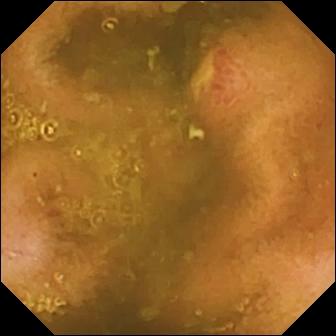Ulcer (336×336).